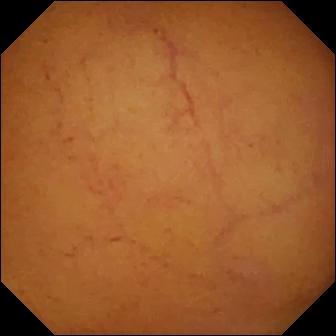Video capsule endoscopy still of the small bowel showing normal clean mucosa.